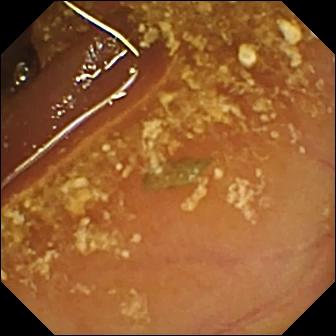WCE snapshot of the small bowel showing reduced mucosal view (content or bubbles obscuring the mucosa).